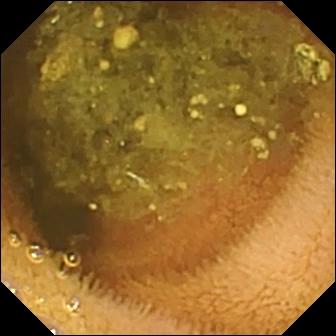Video capsule endoscopy frame
Label: reduced mucosal view (content or bubbles obscuring the mucosa)